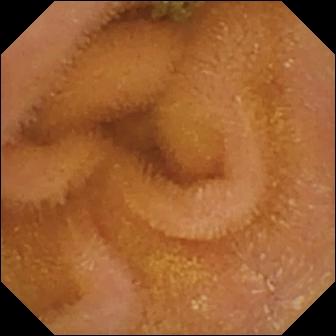Normal clean mucosa.